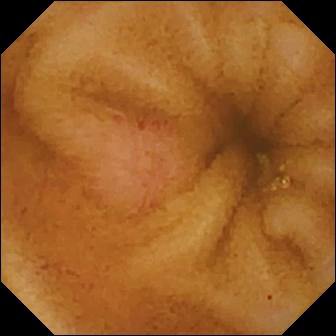{"modality": "video capsule endoscopy", "finding": "erosion"}